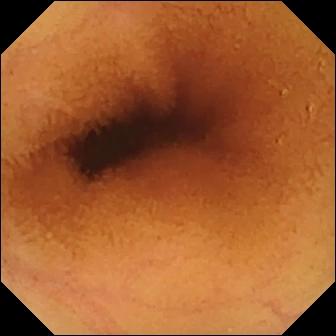Normal clean mucosa (336×336).